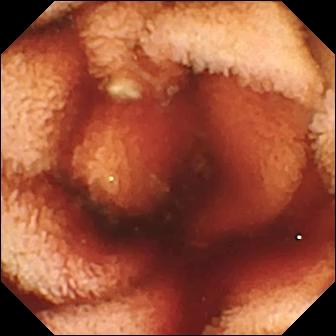VCE — fresh blood in the lumen.